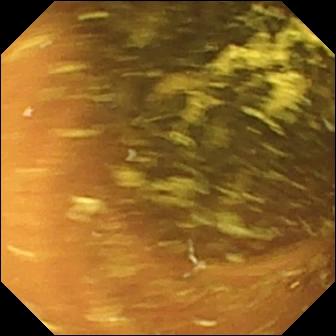WCE still (small bowel). Normal clean mucosa.